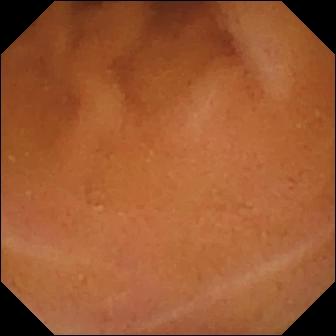This VCE view of the small intestine shows normal clean mucosa.